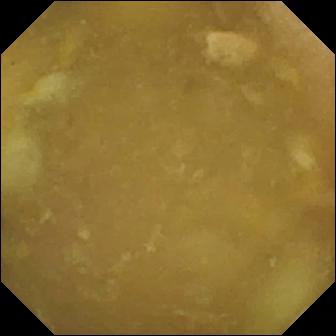Wireless capsule endoscopy snapshot
Video segment: ileo-cecal valve region